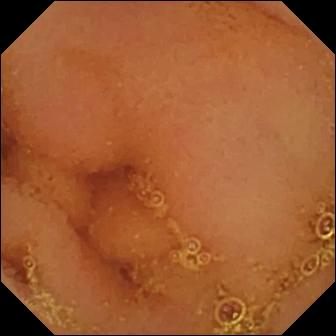PROCEDURE: Video capsule endoscopy.
SEGMENT: Small bowel.
FINDINGS: Normal clean mucosa.